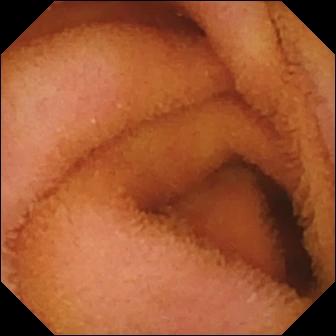Normal clean mucosa.